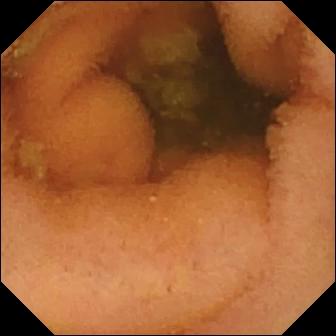Normal clean mucosa — small-bowel capsule endoscopy frame of the small bowel.